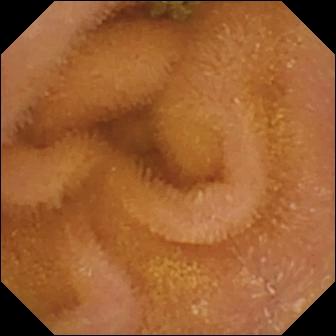This wireless capsule endoscopy view of the small intestine shows normal clean mucosa.